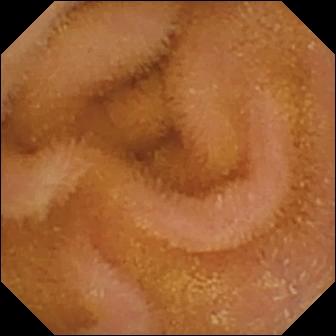Q: What does this wireless capsule endoscopy frame show?
A: Normal clean mucosa.